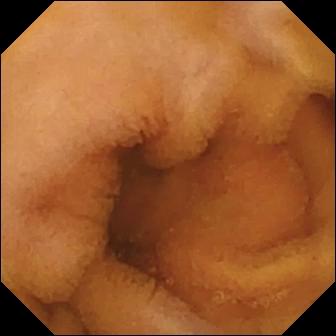Normal clean mucosa — wireless capsule endoscopy still.